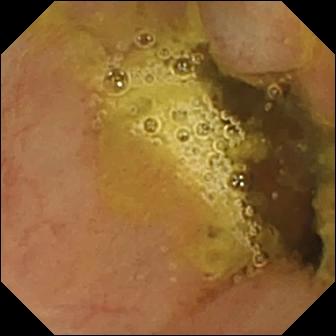- modality: VCE
- location: ileo-cecal valve region